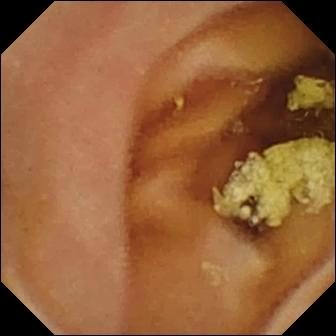Q: What does this wireless capsule endoscopy frame show?
A: Normal clean mucosa.